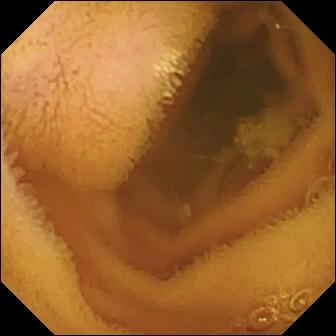Capsule endoscopy snapshot of the small intestine showing normal clean mucosa.